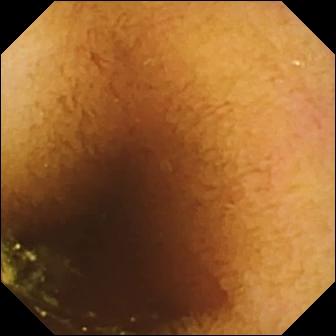Normal clean mucosa.